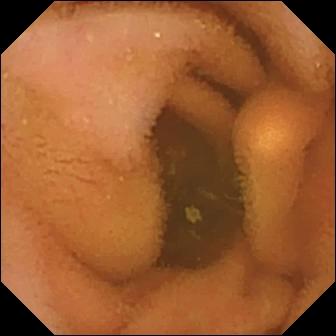VCE snapshot of the small bowel showing normal clean mucosa.